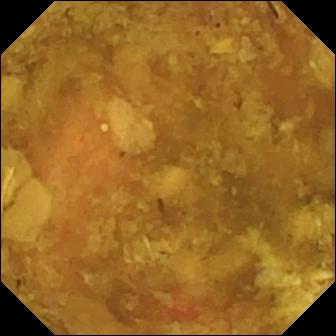Capsule endoscopy. Small intestine. Luminal finding. Label: reduced mucosal view (content or bubbles obscuring the mucosa).